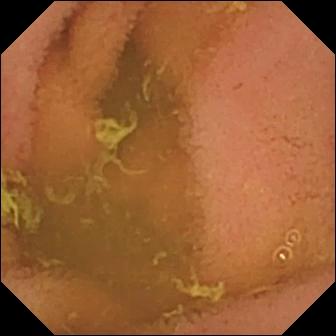Wireless capsule endoscopy — normal clean mucosa.